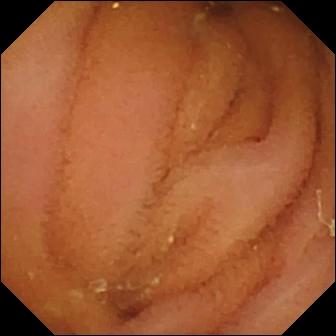Small-bowel capsule endoscopy. Small intestine. Luminal finding. Finding: normal clean mucosa.